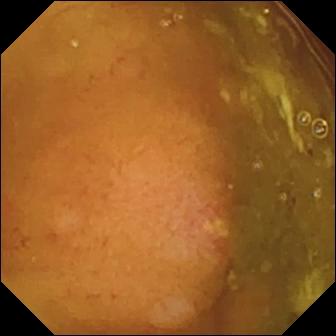Small-bowel capsule endoscopy frame showing ulcer.